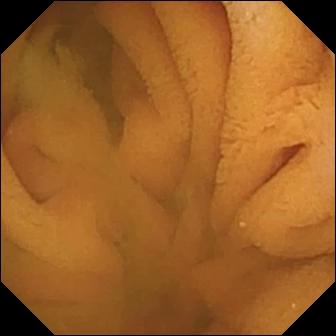Wireless capsule endoscopy — normal clean mucosa.